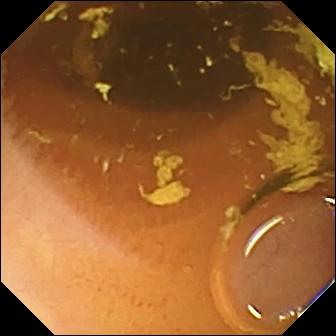Q: What does this VCE still show?
A: Normal clean mucosa.